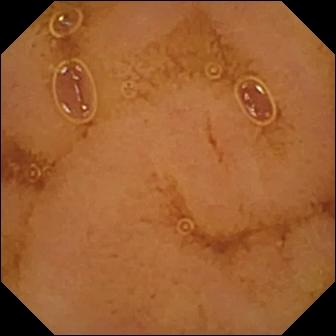WCE — normal clean mucosa.